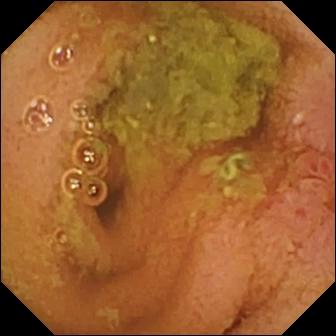modality: WCE; observation: normal clean mucosa